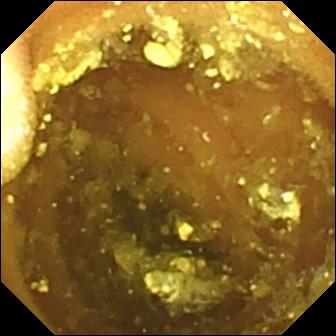WCE. Luminal finding. Impression: lymphangiectasia.